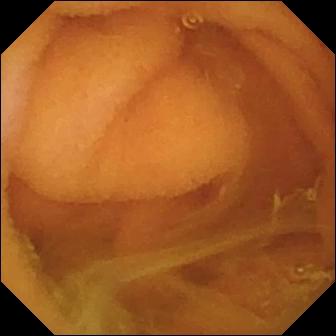PROCEDURE: Video capsule endoscopy.
SEGMENT: Small intestine.
FINDINGS: Normal clean mucosa.